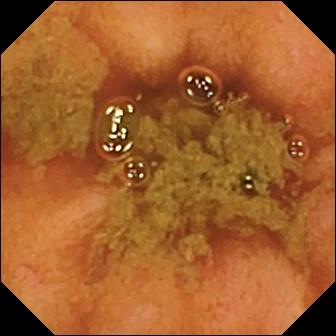Small-bowel capsule endoscopy still taken in the ileo-cecal valve region (the transition from the small bowel to the large bowel).